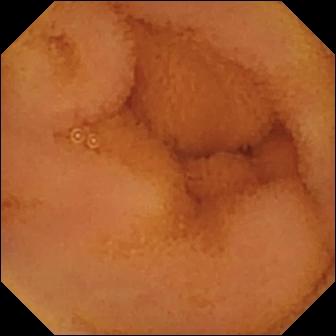Normal clean mucosa — capsule endoscopy view of the small bowel.